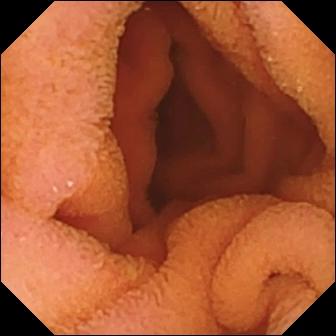WCE — normal clean mucosa.